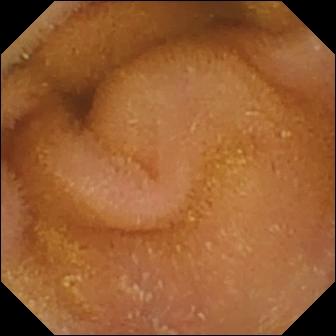Normal clean mucosa.